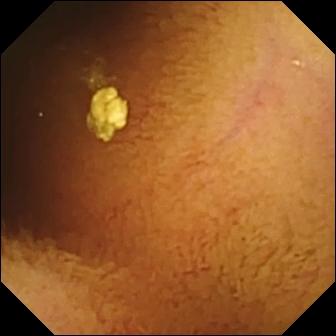Normal clean mucosa — WCE view of the small intestine.